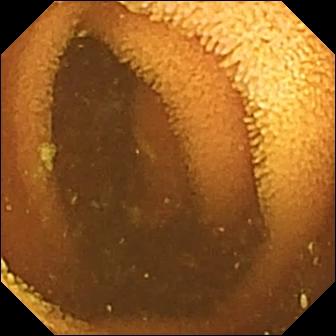WCE still, small intestine
Label: normal clean mucosa